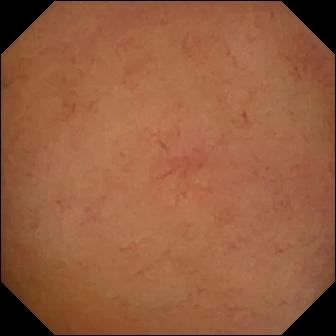modality: VCE
impression: normal clean mucosa